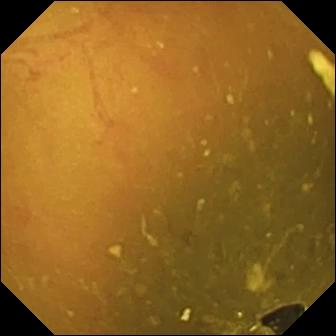VCE view taken in the ileo-cecal valve region (the transition from the small bowel to the large bowel).